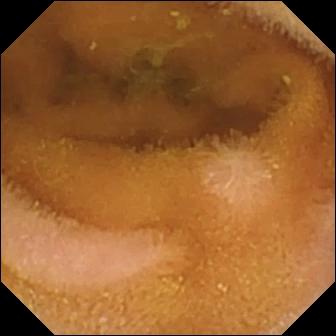- modality: VCE
- segment: small bowel
- finding: normal clean mucosa